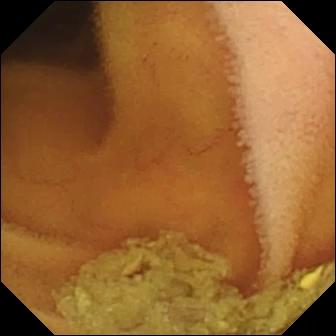{"modality": "small-bowel capsule endoscopy", "finding": "normal clean mucosa"}